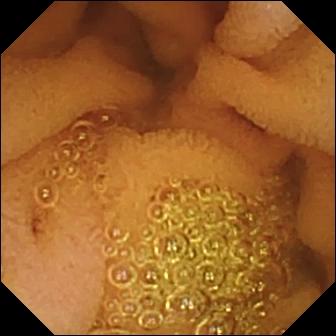PROCEDURE: VCE.
SEGMENT: Small bowel.
FINDINGS: Normal clean mucosa.